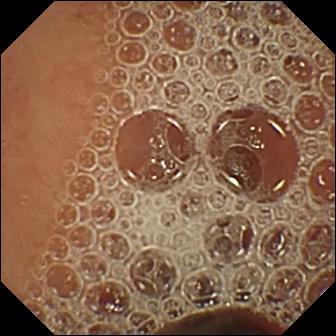- modality: wireless capsule endoscopy
- impression: normal clean mucosa